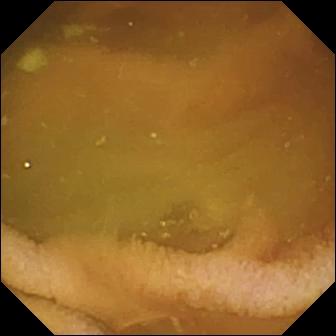Video capsule endoscopy view (small bowel), 336×336. Normal clean mucosa.